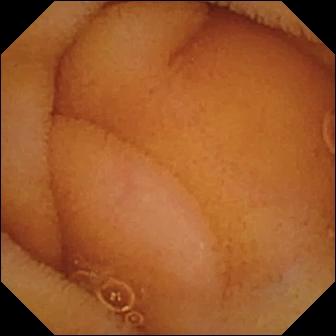{"modality": "video capsule endoscopy", "segment": "small bowel", "finding": "normal clean mucosa"}